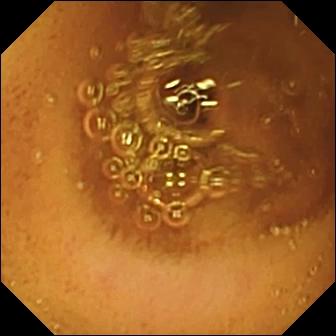Normal clean mucosa.